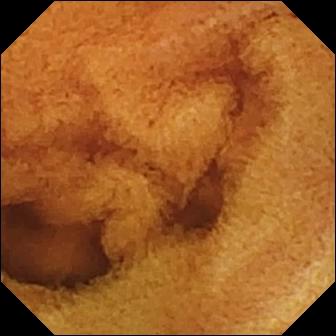VCE — normal clean mucosa.